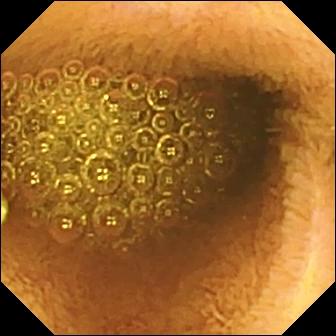Video capsule endoscopy still
Impression: reduced mucosal view (content or bubbles obscuring the mucosa)